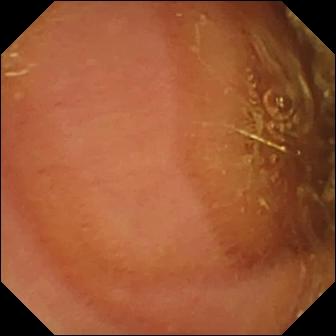Q: What does this VCE view of the small intestine show?
A: Normal clean mucosa.